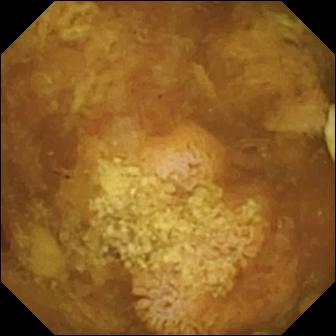Q: What does this wireless capsule endoscopy view of the small intestine show?
A: Reduced mucosal view (content or bubbles obscuring the mucosa).